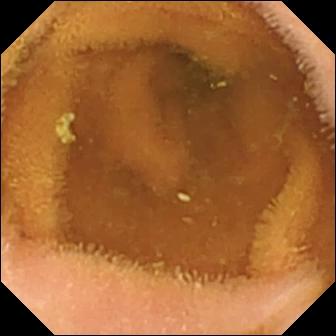Normal clean mucosa.